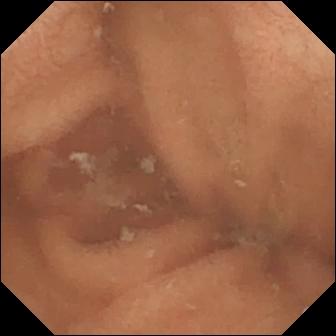Wireless capsule endoscopy view, 336×336. Normal clean mucosa.